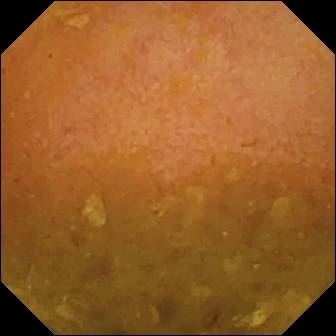Wireless capsule endoscopy still (small bowel). Reduced mucosal view (content or bubbles obscuring the mucosa).